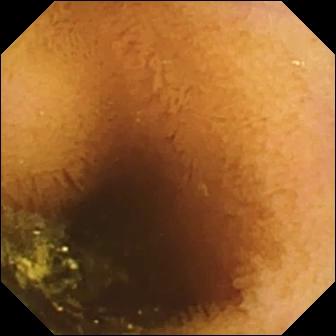Video capsule endoscopy snapshot, small intestine
Observation: normal clean mucosa